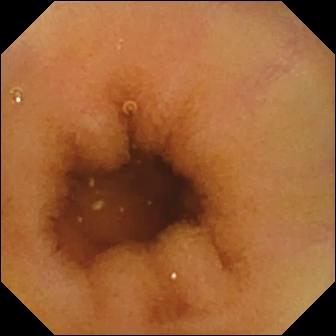Normal clean mucosa.